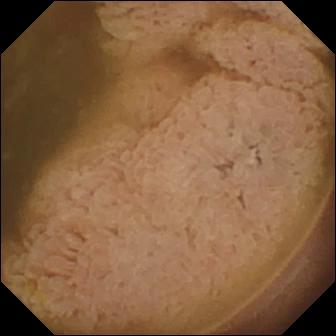Video capsule endoscopy — ileo-cecal valve region (the transition from the small bowel to the large bowel).